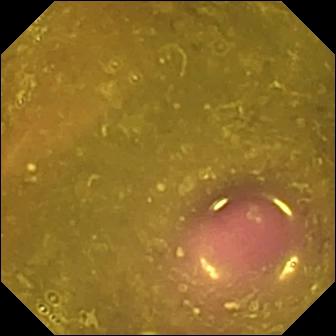Wireless capsule endoscopy image. Reduced mucosal view (content or bubbles obscuring the mucosa).